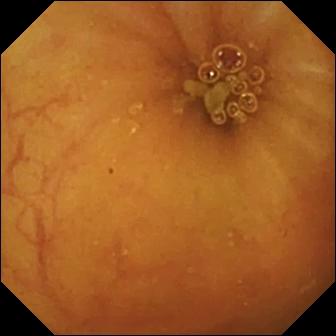This VCE frame was taken in the ileo-cecal valve region (the transition from the small bowel to the large bowel).